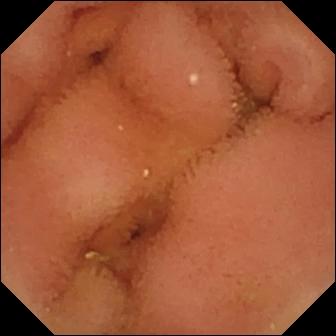Small-bowel capsule endoscopy. Observation: normal clean mucosa.